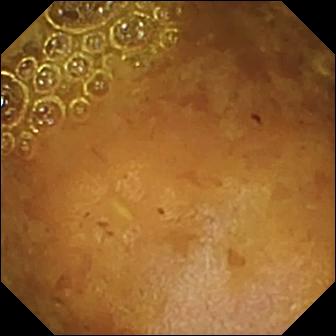Small-bowel capsule endoscopy view of the small bowel showing reduced mucosal view (content or bubbles obscuring the mucosa).